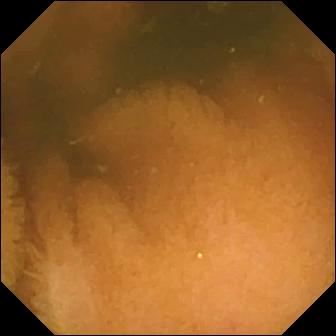Normal clean mucosa — wireless capsule endoscopy frame of the small intestine.